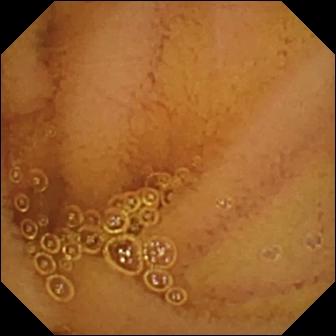VCE. Impression: normal clean mucosa.